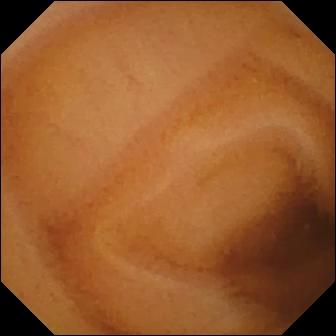- modality: WCE
- label: normal clean mucosa